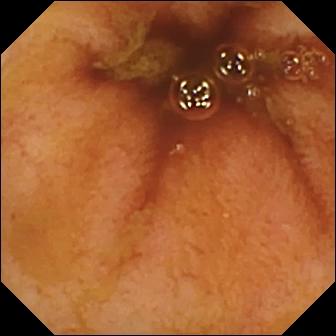Q: Where in the digestive tract was this VCE snapshot taken?
A: Ileo-cecal valve region (where the capsule passes from the small bowel into the large bowel).